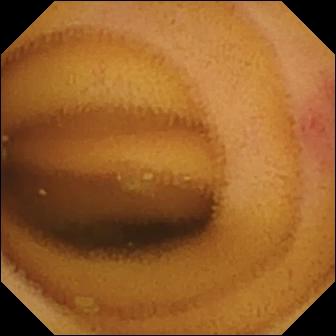modality: VCE | impression: angiectasia